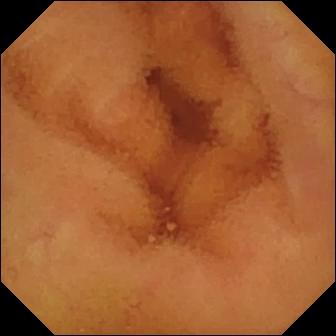modality: capsule endoscopy
observation: normal clean mucosa